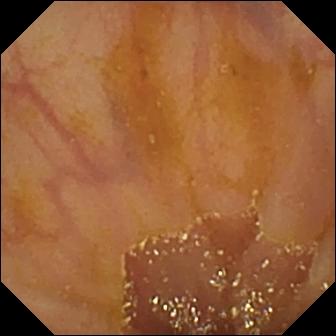Small-bowel capsule endoscopy frame
Video segment: ileo-cecal valve region (the transition from the small bowel to the large bowel)